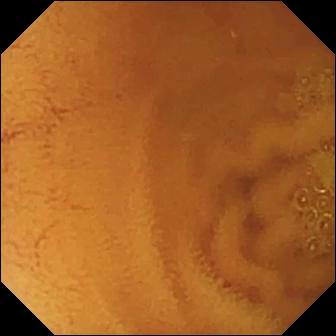This VCE snapshot shows normal clean mucosa.